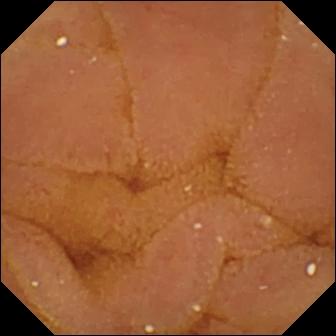VCE still
Observation: normal clean mucosa